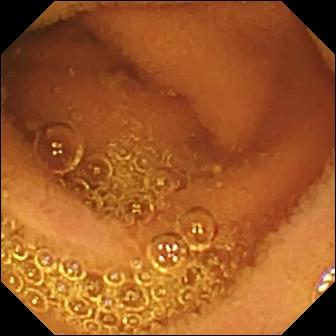WCE frame (small bowel), 336×336. Normal clean mucosa.